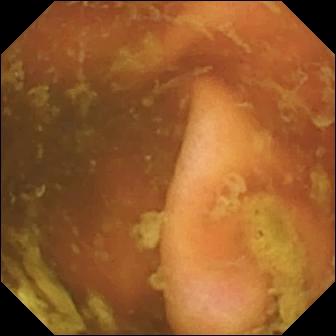Ileo-cecal valve region.